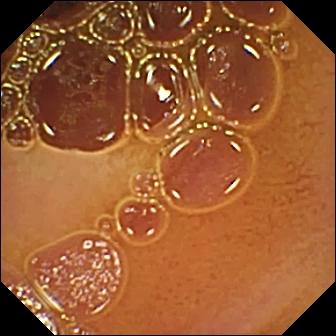modality: small-bowel capsule endoscopy
segment: small intestine
category: luminal finding
finding: normal clean mucosa